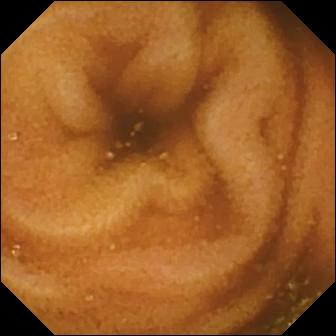modality: WCE; finding: normal clean mucosa